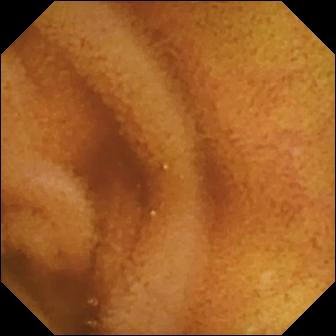{"modality": "video capsule endoscopy", "segment": "small bowel", "finding": "normal clean mucosa"}